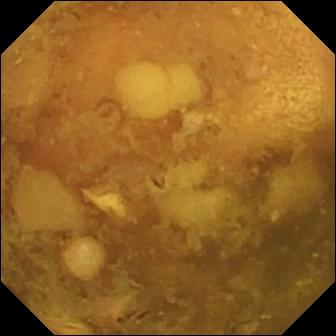Video capsule endoscopy still of the small intestine showing reduced mucosal view (content or bubbles obscuring the mucosa).